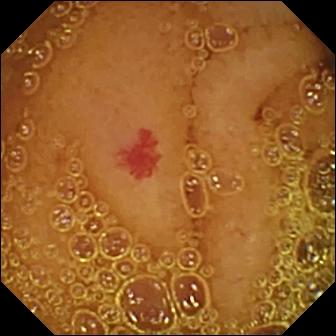modality: VCE
category: luminal finding
impression: angiectasia